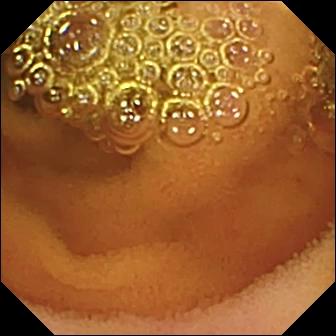Normal clean mucosa — capsule endoscopy view of the small bowel.